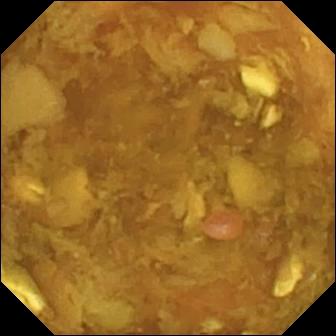Capsule endoscopy image (small bowel), 336×336. Reduced mucosal view (content or bubbles obscuring the mucosa).